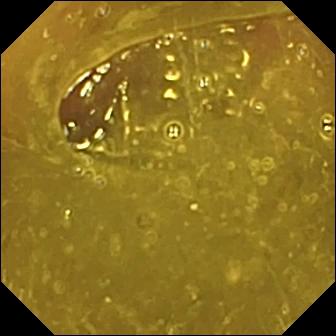Capsule endoscopy — ileo-cecal valve region (where the capsule passes from the small bowel into the large bowel).